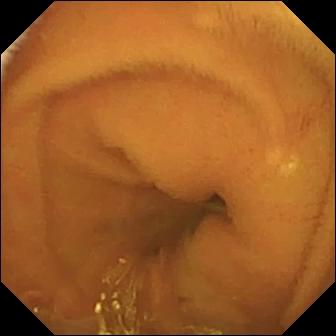WCE image showing normal clean mucosa.